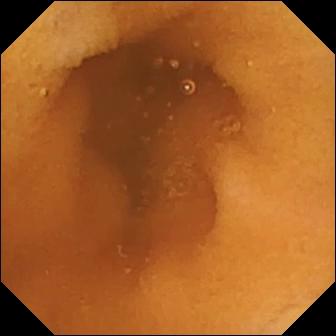Small-bowel capsule endoscopy. Small bowel. Luminal finding. Impression: normal clean mucosa.